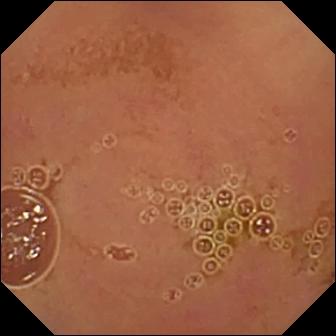Normal clean mucosa (336×336).